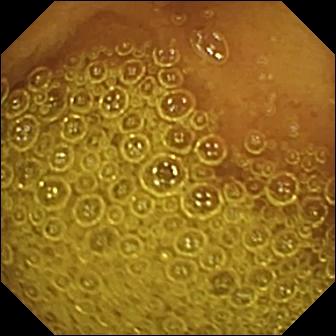modality: WCE
segment: small bowel
finding: normal clean mucosa